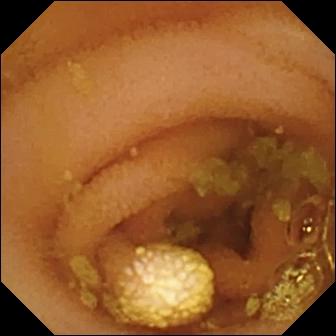Lymphangiectasia.